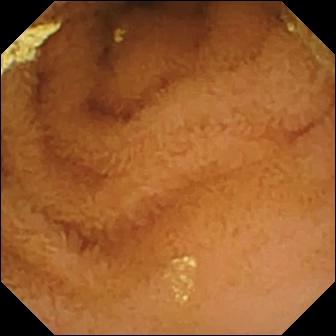- modality: VCE
- category: luminal finding
- observation: normal clean mucosa